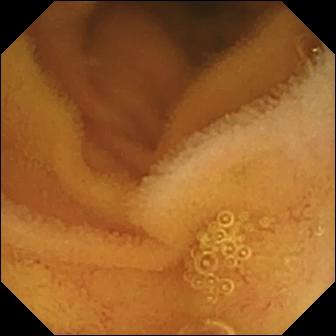Video capsule endoscopy — normal clean mucosa.